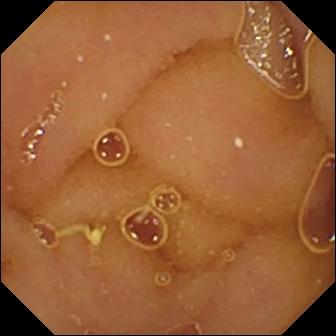Wireless capsule endoscopy view of the small intestine showing normal clean mucosa.